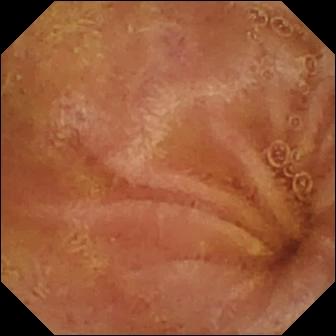Normal clean mucosa.